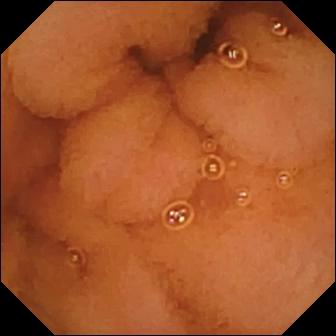Normal clean mucosa.